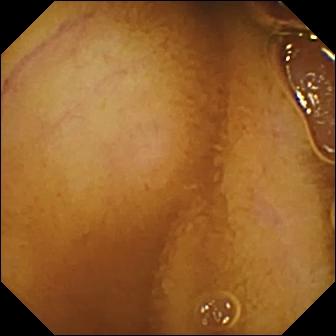modality: WCE | segment: small bowel | label: normal clean mucosa